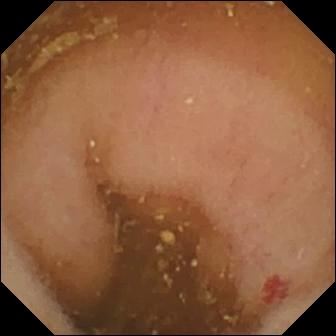Angiectasia.